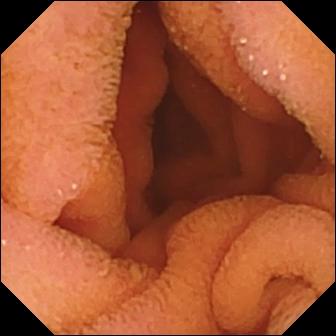WCE frame, small intestine
Impression: normal clean mucosa